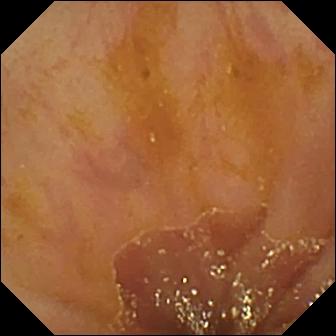Capsule endoscopy frame
Position: ileo-cecal valve region (the transition from the small bowel to the large bowel)